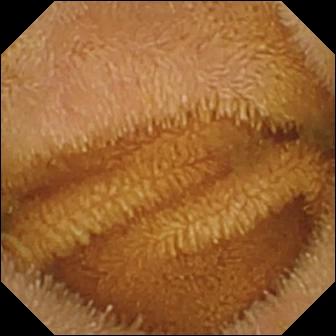- modality: small-bowel capsule endoscopy
- label: normal clean mucosa